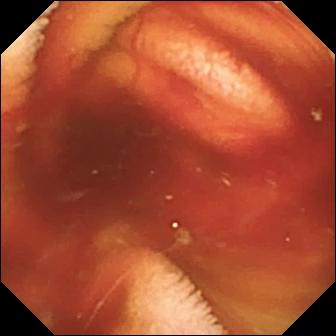WCE. Finding: fresh blood in the lumen.